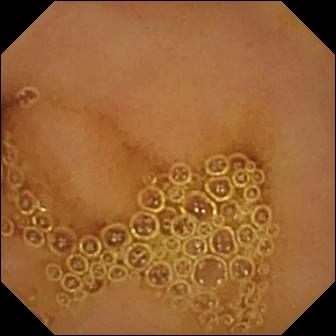Small-bowel capsule endoscopy still. Normal clean mucosa.